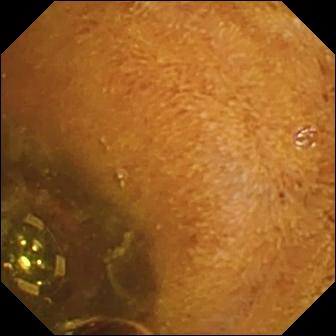Video capsule endoscopy. Luminal finding. Finding: foreign body (e.g. retained capsule, tablet residue).